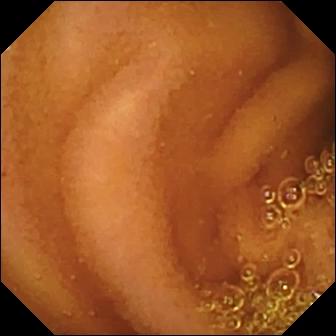{"modality": "small-bowel capsule endoscopy", "category": "luminal finding", "finding": "normal clean mucosa"}